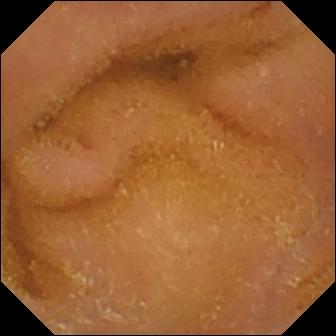Video capsule endoscopy image (small bowel). Normal clean mucosa.